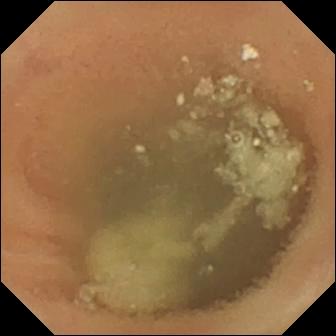- modality: wireless capsule endoscopy
- segment: small bowel
- observation: normal clean mucosa